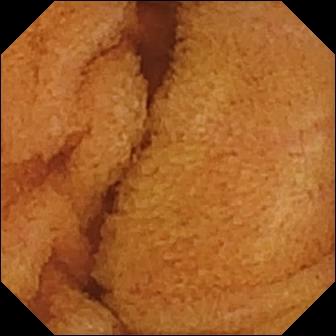VCE — normal clean mucosa.